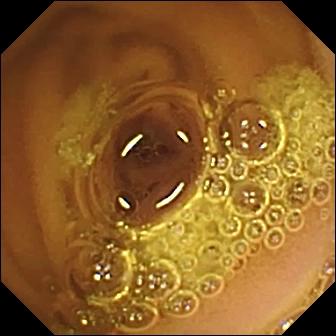Capsule endoscopy still. Normal clean mucosa.